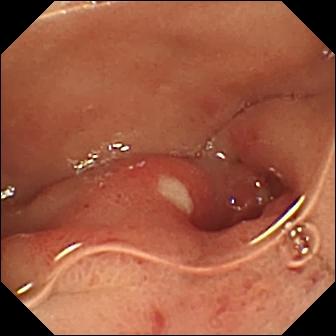{"modality": "wireless capsule endoscopy", "category": "luminal finding", "finding": "ulcer"}